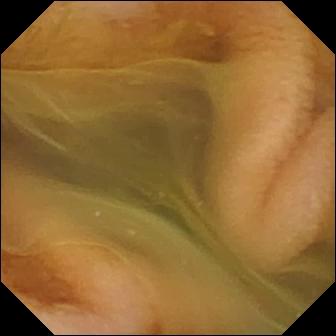Capsule endoscopy snapshot (small intestine). Normal clean mucosa.